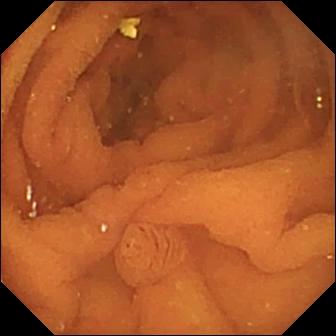VCE — normal clean mucosa.